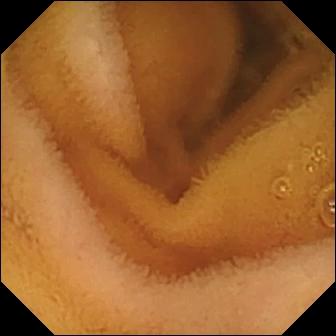WCE — normal clean mucosa.